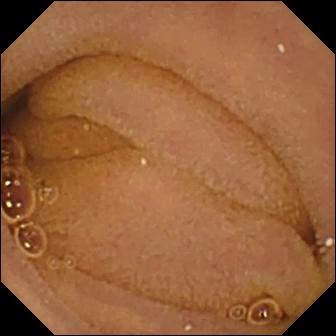- modality: WCE
- impression: normal clean mucosa